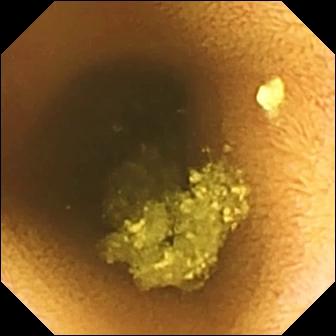- modality: video capsule endoscopy
- observation: normal clean mucosa